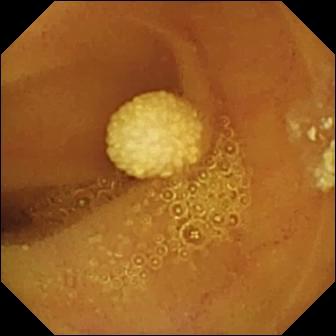Lymphangiectasia.